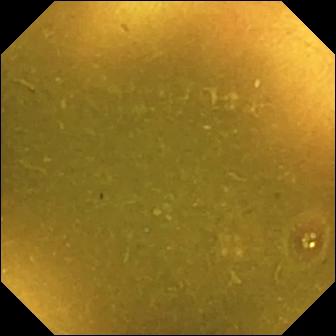Ileo-cecal valve region — wireless capsule endoscopy image.